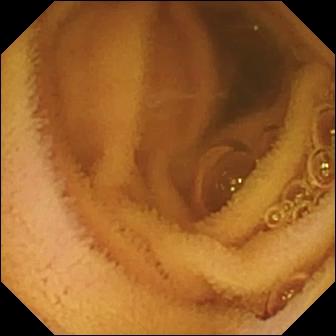VCE — normal clean mucosa.